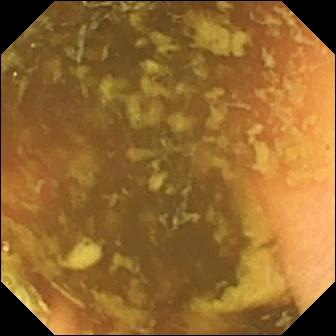Wireless capsule endoscopy. Video segment: ileo-cecal valve region.